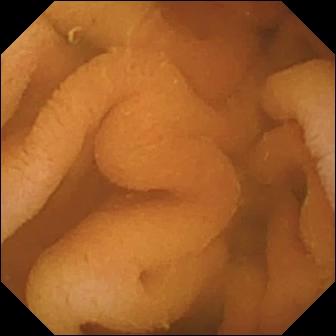This WCE view of the small intestine shows normal clean mucosa.